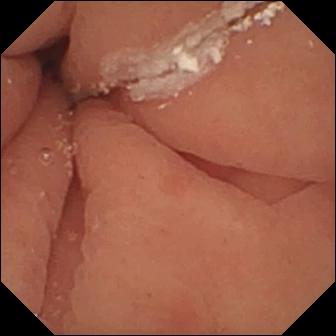Wireless capsule endoscopy still
Video segment: pylorus region (the junction between the stomach and the small bowel)